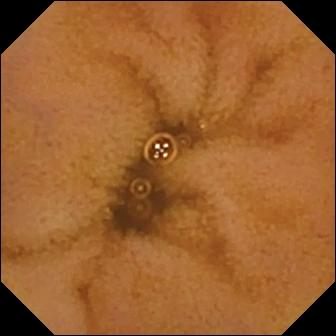Wireless capsule endoscopy. Luminal finding. Finding: normal clean mucosa.